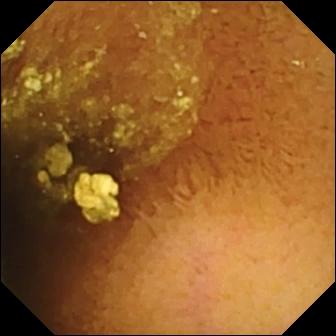Capsule endoscopy view showing normal clean mucosa.